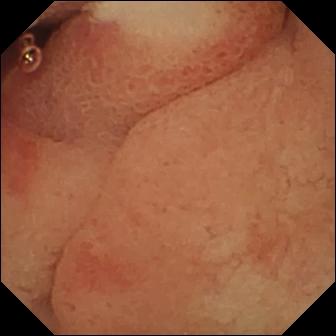modality: video capsule endoscopy
observation: ulcer